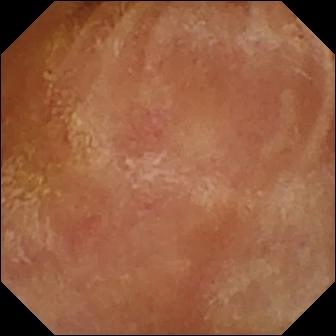modality: VCE
segment: small intestine
category: luminal finding
label: normal clean mucosa